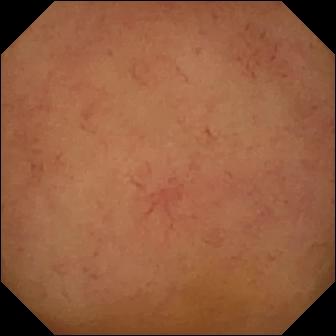Capsule endoscopy view
Observation: normal clean mucosa